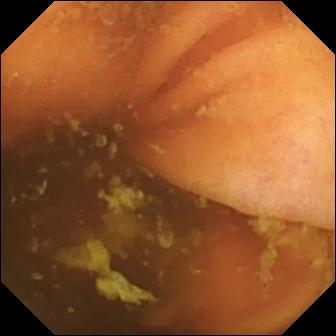{"modality": "WCE", "location": "ileo-cecal valve region (the transition from the small bowel to the large bowel)"}